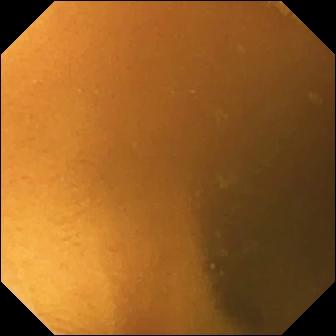Wireless capsule endoscopy — normal clean mucosa.